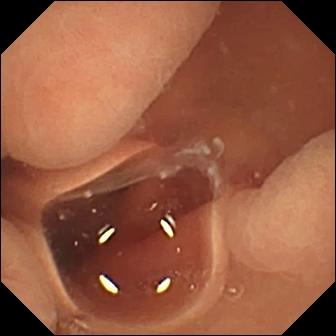modality: WCE
observation: normal clean mucosa